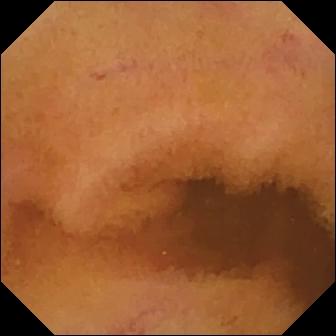WCE image. Normal clean mucosa.